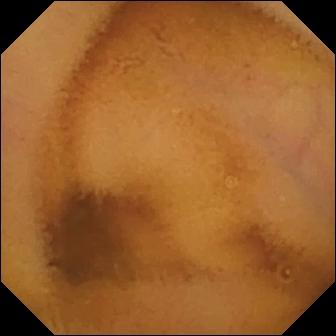PROCEDURE: Video capsule endoscopy.
FINDINGS: Normal clean mucosa.